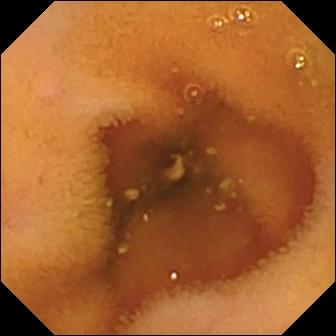WCE frame showing normal clean mucosa.